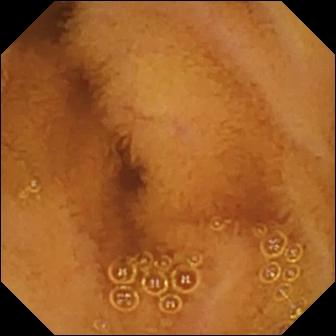This WCE still shows normal clean mucosa.